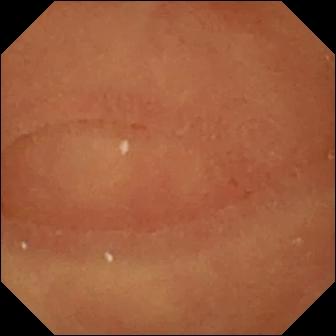- modality: capsule endoscopy
- segment: small intestine
- impression: normal clean mucosa